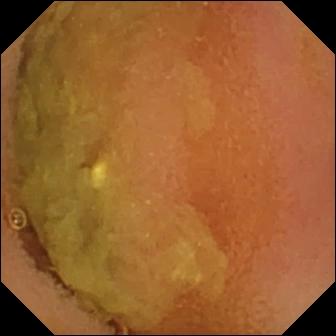Normal clean mucosa — small-bowel capsule endoscopy still of the small bowel.